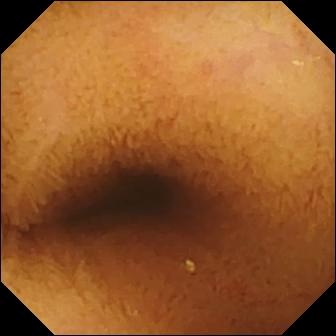WCE view, small bowel
Observation: normal clean mucosa